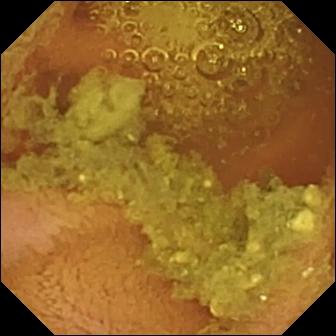WCE view showing normal clean mucosa.